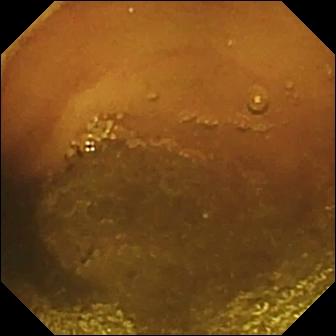Small-bowel capsule endoscopy — normal clean mucosa.